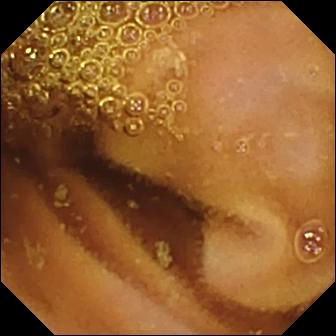Wireless capsule endoscopy. Small intestine. Luminal finding. Finding: normal clean mucosa.